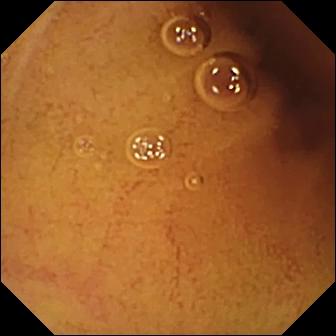Video capsule endoscopy — normal clean mucosa.